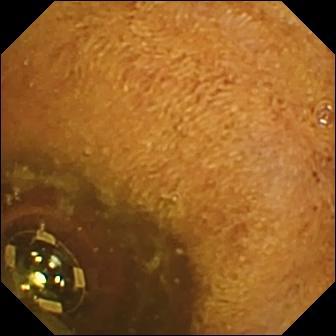Foreign body (e.g. retained capsule, tablet residue) — video capsule endoscopy image.